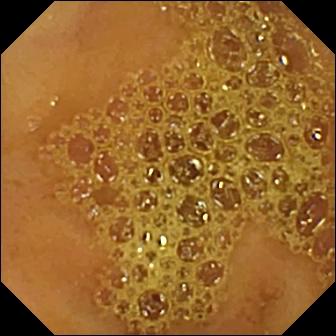Capsule endoscopy image taken in the ileo-cecal valve region (the transition from the small bowel to the large bowel).